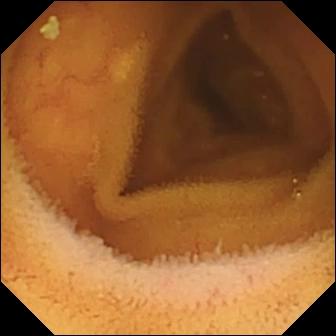Small-bowel capsule endoscopy snapshot (small intestine). Normal clean mucosa.